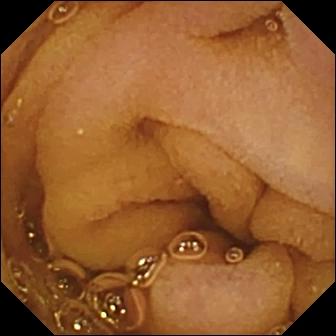Wireless capsule endoscopy view showing normal clean mucosa.